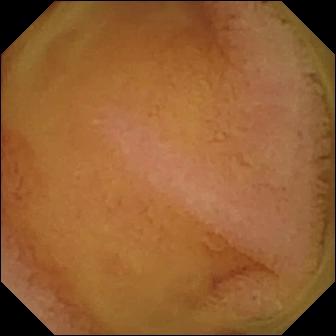Video capsule endoscopy still, small intestine
Impression: normal clean mucosa